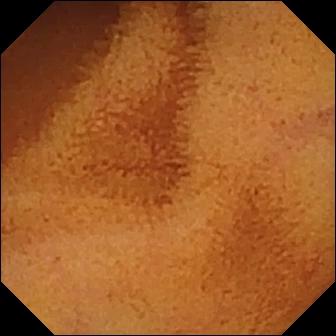This video capsule endoscopy still of the small bowel shows normal clean mucosa.